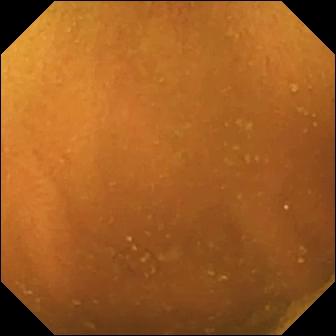VCE view showing normal clean mucosa.